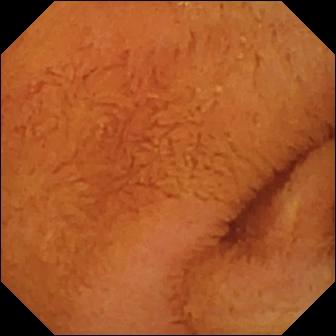modality: VCE
segment: small bowel
finding: normal clean mucosa